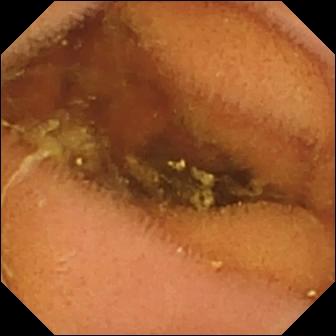WCE image
Label: normal clean mucosa